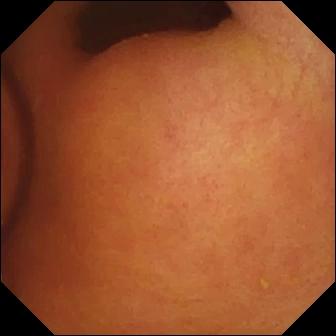Small-bowel capsule endoscopy image showing foreign body (e.g. retained capsule, tablet residue).